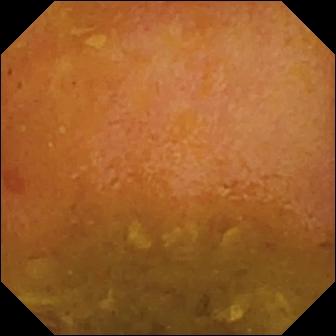{"modality": "WCE", "category": "luminal finding", "finding": "reduced mucosal view (content or bubbles obscuring the mucosa)"}